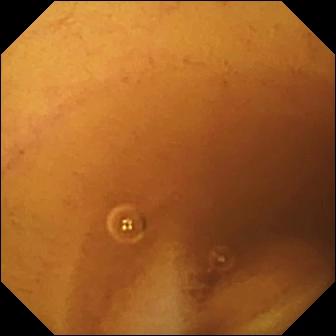Capsule endoscopy image (small bowel). Normal clean mucosa.